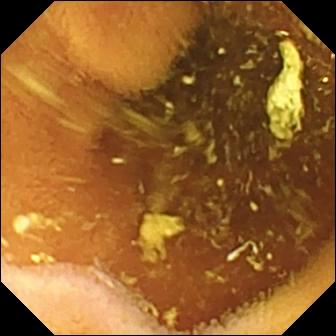VCE image of the small intestine showing normal clean mucosa.